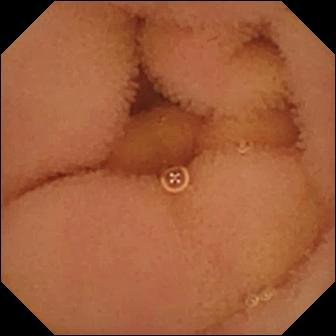PROCEDURE: Wireless capsule endoscopy.
SEGMENT: Small intestine.
FINDINGS: Normal clean mucosa.